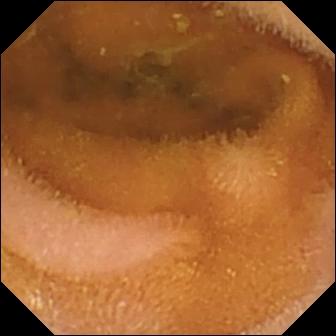{"modality": "VCE", "finding": "normal clean mucosa"}